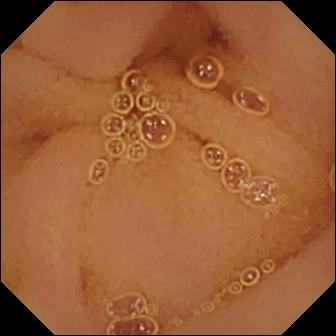Wireless capsule endoscopy snapshot showing normal clean mucosa.